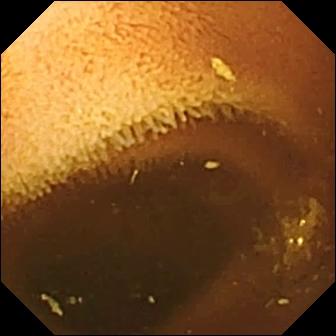VCE image. Normal clean mucosa.